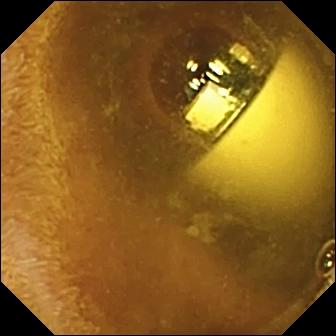Foreign body (e.g. retained capsule, tablet residue).